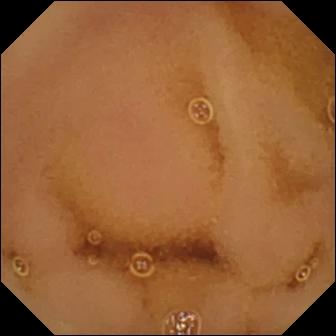This wireless capsule endoscopy snapshot shows normal clean mucosa.